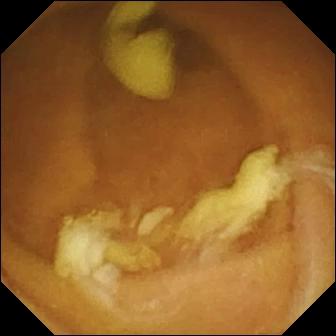modality: video capsule endoscopy
segment: small intestine
impression: normal clean mucosa